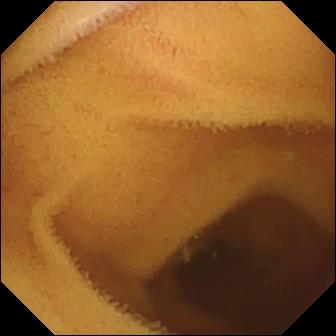Q: What does this wireless capsule endoscopy frame show?
A: Normal clean mucosa.